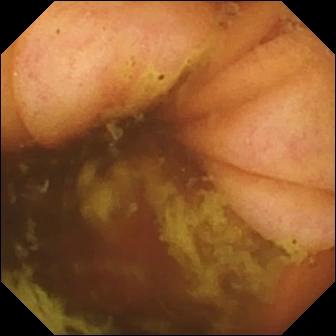VCE view taken in the ileo-cecal valve region.